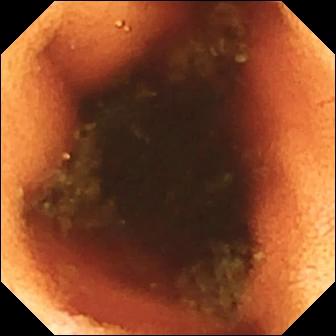PROCEDURE: VCE.
VIDEO SEGMENT: Ileo-cecal valve region.